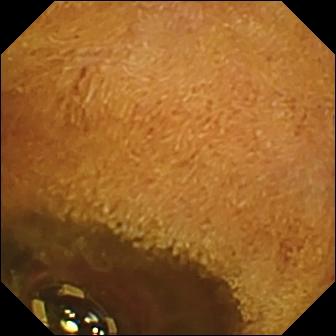- modality: WCE
- impression: foreign body (e.g. retained capsule, tablet residue)